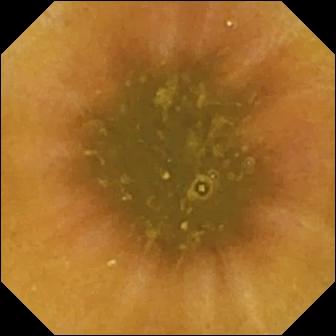Capsule endoscopy frame
Label: ileo-cecal valve region (the transition from the small bowel to the large bowel)